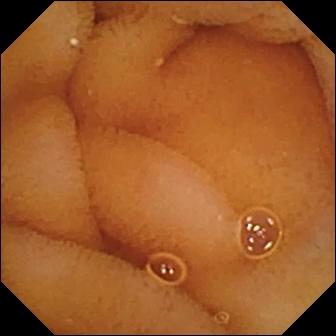{"modality": "video capsule endoscopy", "category": "luminal finding", "finding": "normal clean mucosa"}